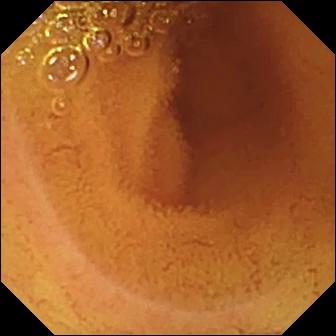PROCEDURE: WCE.
FINDINGS: Normal clean mucosa.